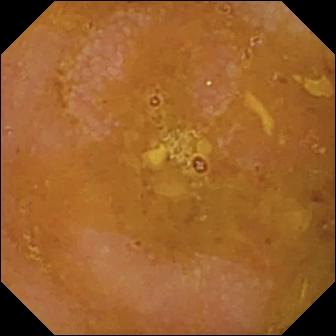WCE snapshot, 336×336. Reduced mucosal view (content or bubbles obscuring the mucosa).